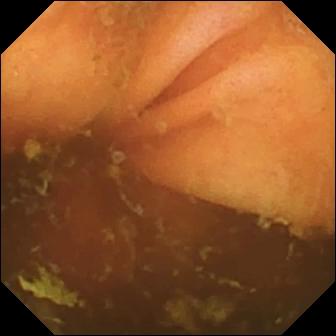VCE image taken in the ileo-cecal valve region.